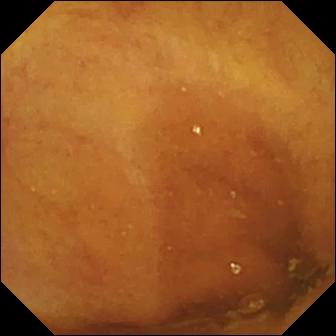PROCEDURE: WCE.
LOCATION: Ileo-cecal valve region.